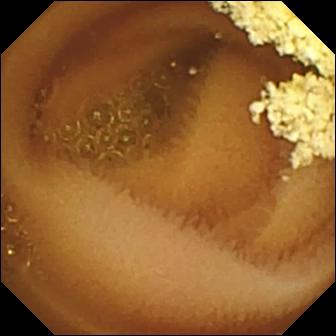Capsule endoscopy — normal clean mucosa.